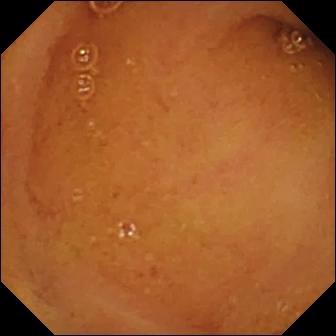Small-bowel capsule endoscopy image. Normal clean mucosa.